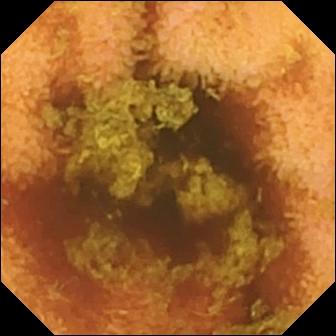Capsule endoscopy — normal clean mucosa.